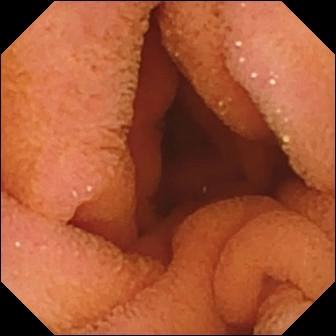Video capsule endoscopy still showing normal clean mucosa.